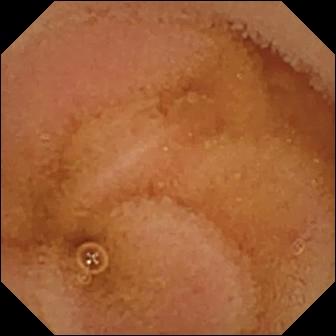Normal clean mucosa — WCE view of the small bowel.